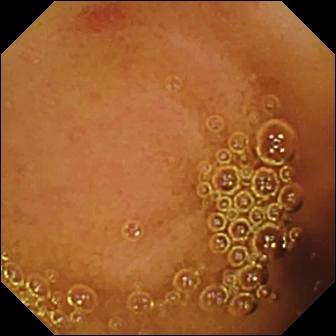Small-bowel capsule endoscopy still. Angiectasia.